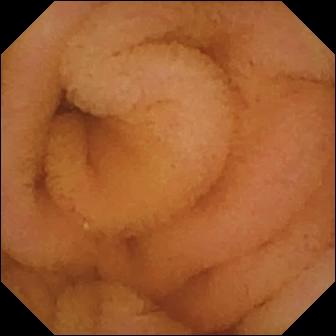VCE view. Normal clean mucosa.